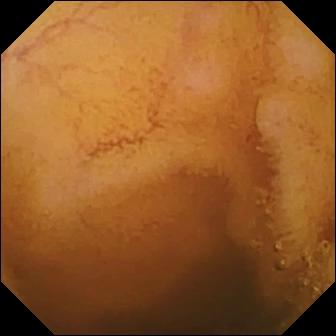WCE. Small bowel. Luminal finding. Finding: normal clean mucosa.